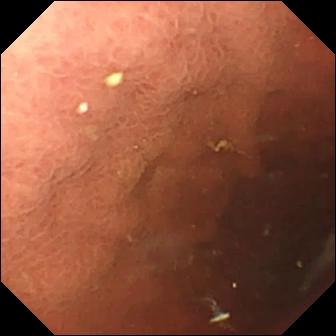VCE. Position: pylorus region (the junction between the stomach and the small bowel).